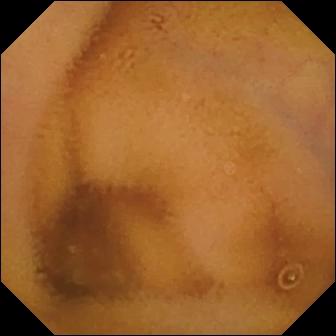WCE. Finding: normal clean mucosa.